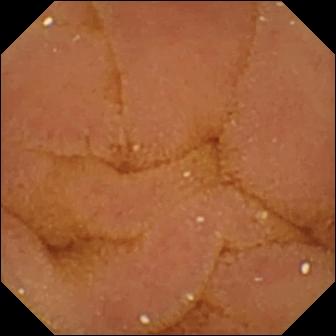Video capsule endoscopy view. Normal clean mucosa.